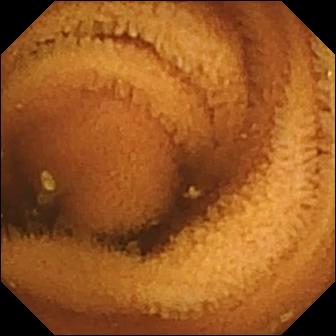Normal clean mucosa — capsule endoscopy view.